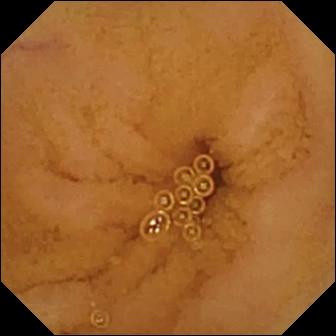Normal clean mucosa.